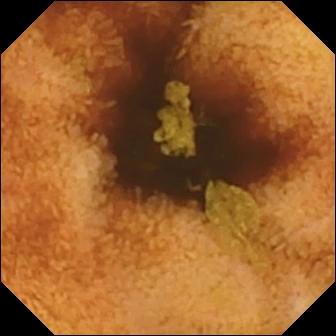{"modality": "wireless capsule endoscopy", "segment": "small bowel", "category": "luminal finding", "finding": "normal clean mucosa"}